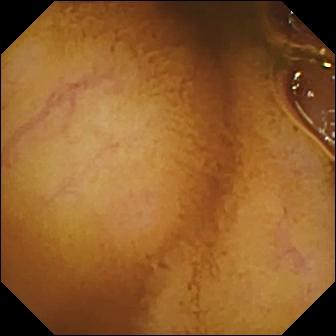This VCE view shows normal clean mucosa.